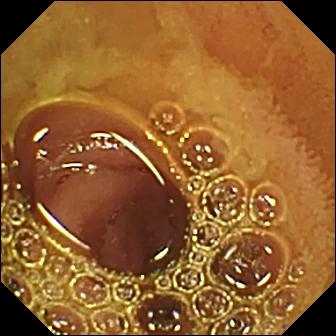Small-bowel capsule endoscopy snapshot, small bowel
Label: normal clean mucosa